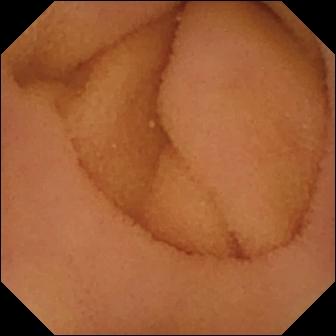modality: video capsule endoscopy
segment: small intestine
category: luminal finding
finding: normal clean mucosa